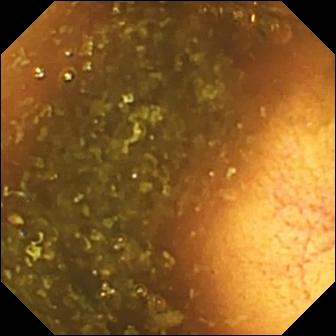Ileo-cecal valve region (the transition from the small bowel to the large bowel) — small-bowel capsule endoscopy still.